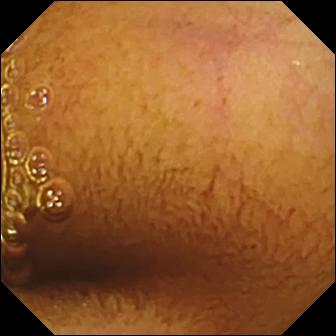Normal clean mucosa — video capsule endoscopy view.